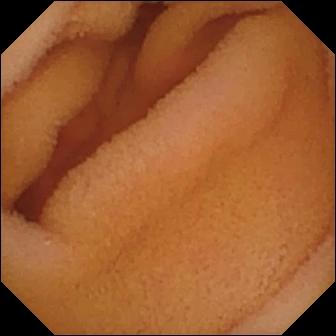Normal clean mucosa.